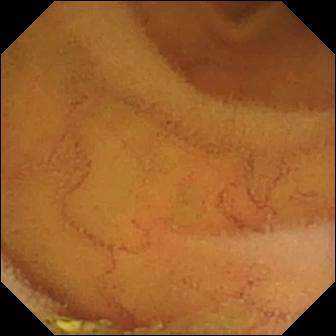Wireless capsule endoscopy image, small bowel
Impression: normal clean mucosa